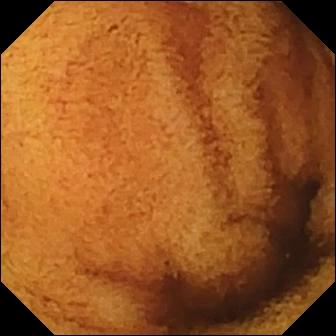Wireless capsule endoscopy view of the small intestine showing normal clean mucosa.